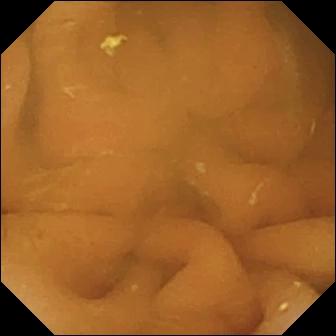Small-bowel capsule endoscopy frame
Finding: normal clean mucosa